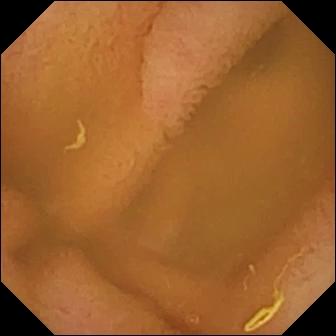Normal clean mucosa.